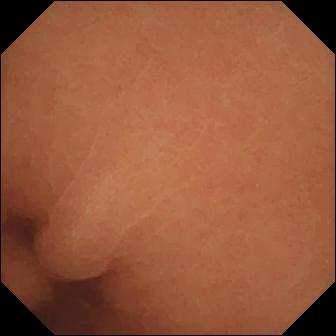This small-bowel capsule endoscopy snapshot shows normal clean mucosa.